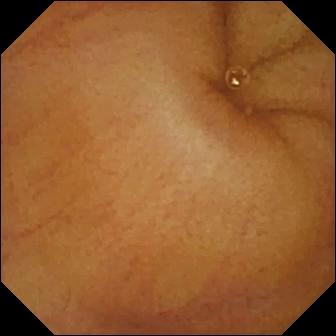Small-bowel capsule endoscopy view (small intestine), 336×336. Normal clean mucosa.